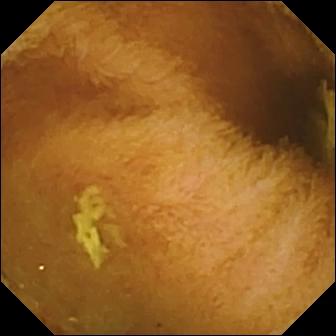Normal clean mucosa — video capsule endoscopy view of the small intestine.